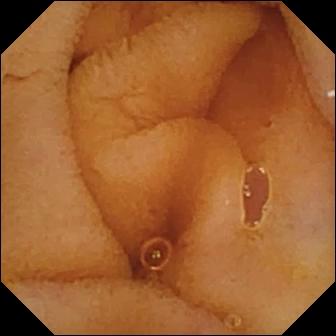Normal clean mucosa — VCE view.